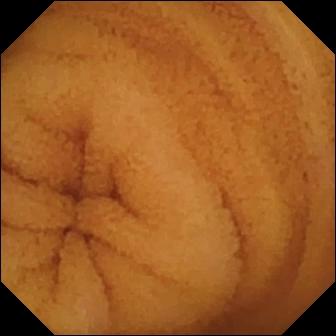Normal clean mucosa — video capsule endoscopy frame.